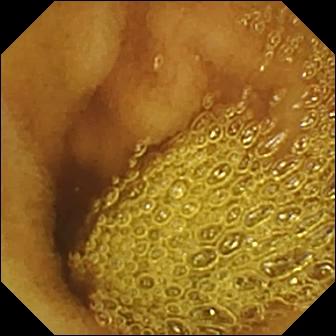This VCE view shows normal clean mucosa.